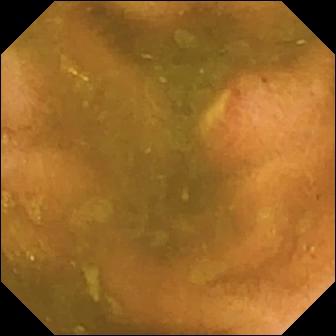Wireless capsule endoscopy image, 336×336. Ulcer.